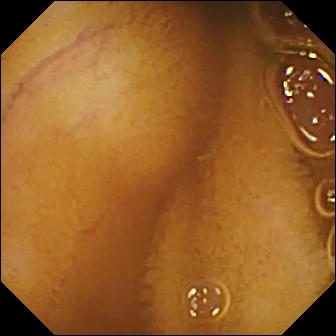Video capsule endoscopy image. Normal clean mucosa.